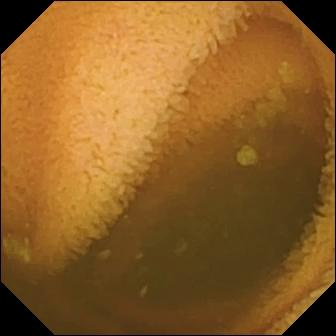Normal clean mucosa — capsule endoscopy image.